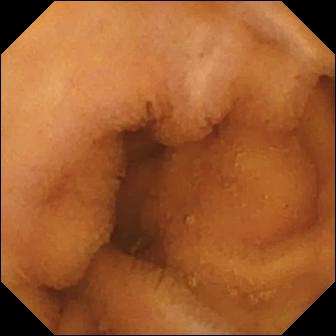Normal clean mucosa — wireless capsule endoscopy view of the small bowel.